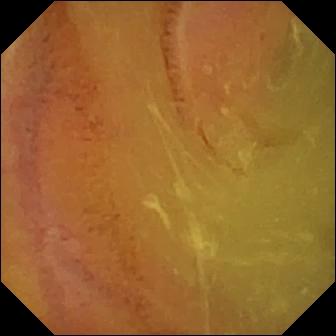Normal clean mucosa.